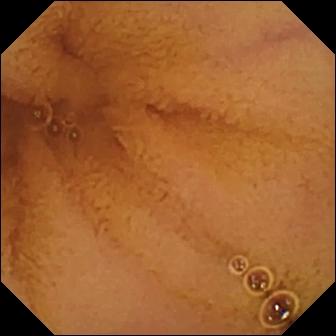WCE snapshot. Normal clean mucosa.